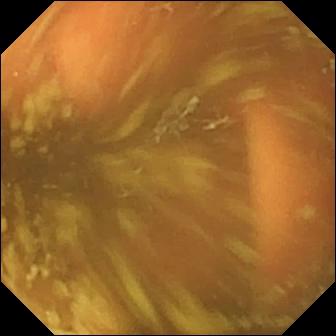Video capsule endoscopy — ileo-cecal valve region (where the capsule passes from the small bowel into the large bowel).